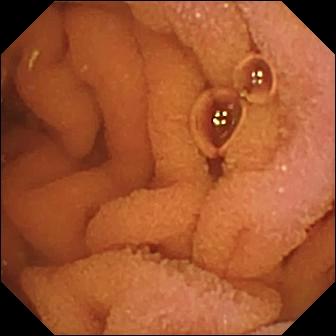modality: video capsule endoscopy
segment: small bowel
impression: normal clean mucosa